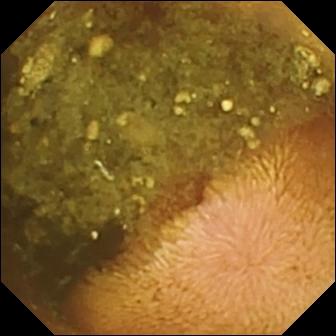VCE frame
Finding: reduced mucosal view (content or bubbles obscuring the mucosa)